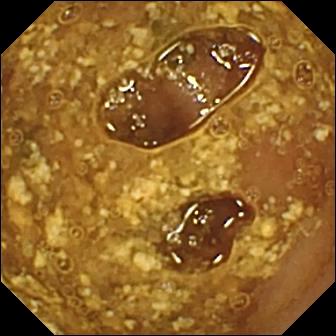Wireless capsule endoscopy still, small bowel
Observation: reduced mucosal view (content or bubbles obscuring the mucosa)